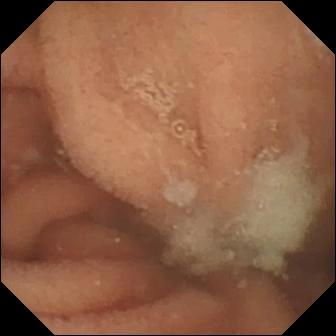- modality: VCE
- label: normal clean mucosa